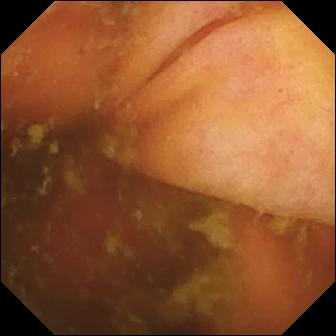Ileo-cecal valve region (the transition from the small bowel to the large bowel).